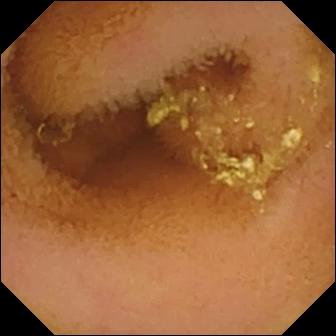PROCEDURE: Video capsule endoscopy.
FINDINGS: Normal clean mucosa.